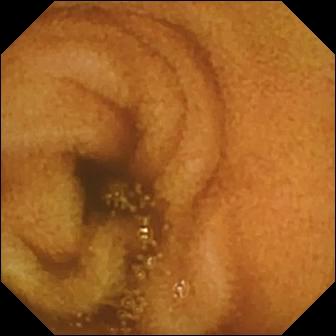PROCEDURE: VCE.
SEGMENT: Small bowel.
FINDINGS: Normal clean mucosa.